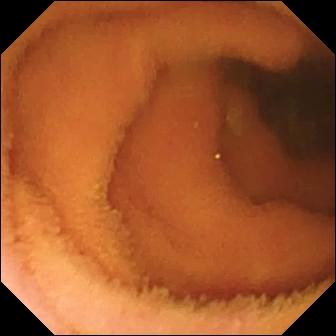WCE — normal clean mucosa.